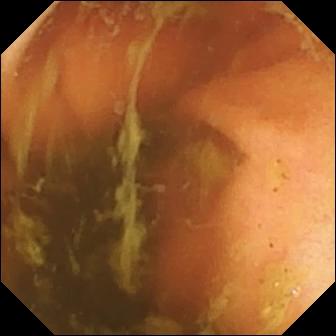- modality: capsule endoscopy
- location: ileo-cecal valve region (where the capsule passes from the small bowel into the large bowel)